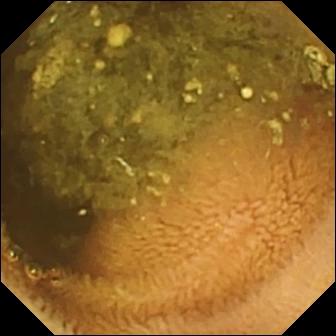Wireless capsule endoscopy still (small bowel), 336×336. Reduced mucosal view (content or bubbles obscuring the mucosa).